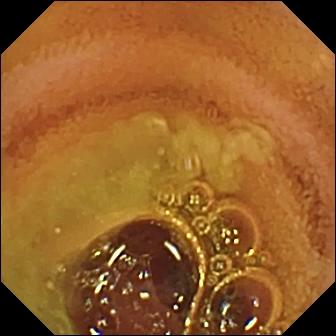Q: What does this video capsule endoscopy image of the small intestine show?
A: Normal clean mucosa.